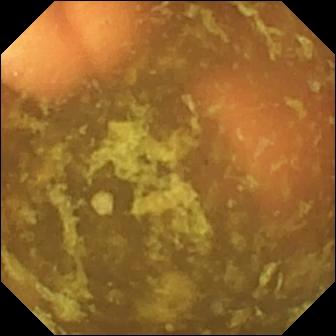Small-bowel capsule endoscopy frame taken in the ileo-cecal valve region.